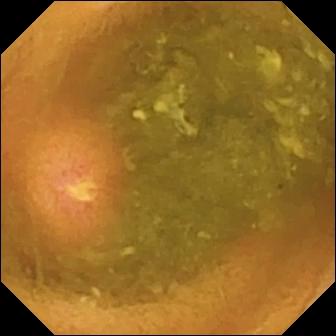Ulcer (336×336).